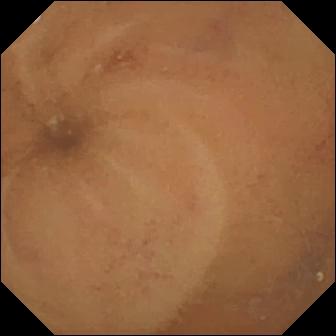- modality: WCE
- segment: small intestine
- impression: normal clean mucosa